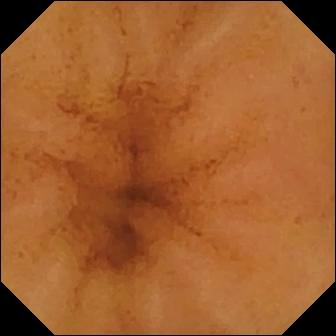Capsule endoscopy frame (small intestine), 336×336. Normal clean mucosa.